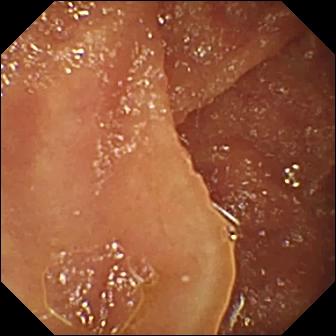WCE snapshot (small intestine). Normal clean mucosa.